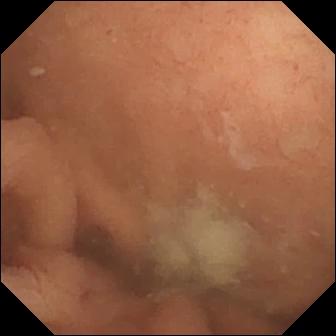modality: wireless capsule endoscopy; observation: normal clean mucosa